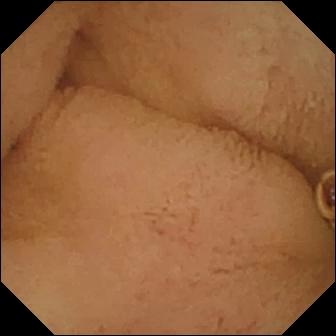Pylorus region (where the capsule passes from the stomach into the small bowel) — WCE still.